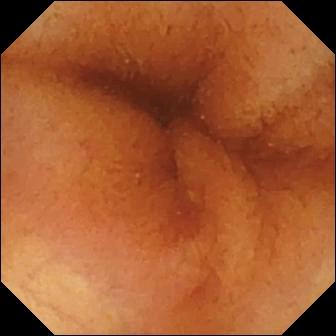Normal clean mucosa — WCE view of the small intestine.